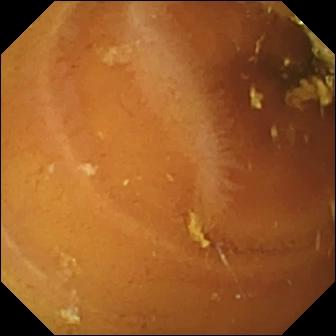PROCEDURE: WCE.
FINDINGS: Normal clean mucosa.